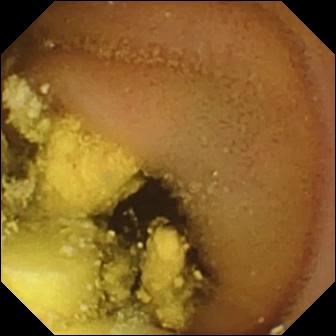WCE view showing foreign body (e.g. retained capsule, tablet residue).